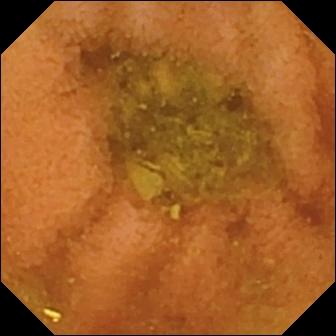- modality: video capsule endoscopy
- segment: small intestine
- impression: normal clean mucosa